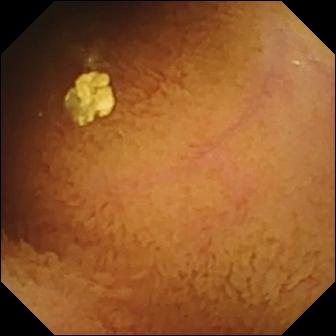This video capsule endoscopy view shows normal clean mucosa.